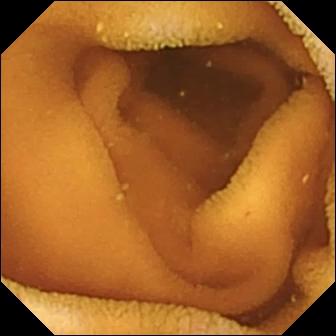Normal clean mucosa (336×336).